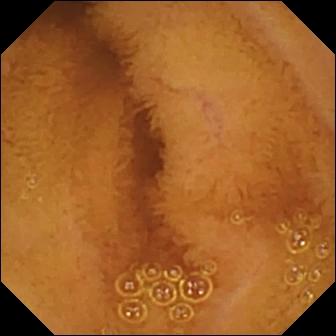{"modality": "capsule endoscopy", "finding": "normal clean mucosa"}